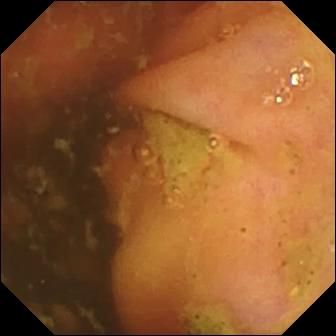Ileo-cecal valve region (where the capsule passes from the small bowel into the large bowel) — capsule endoscopy frame.